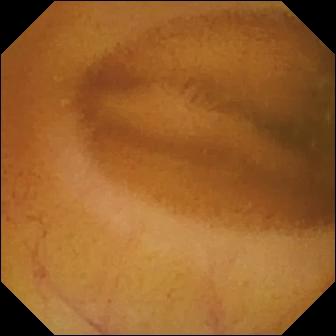Video capsule endoscopy. Small bowel. Observation: normal clean mucosa.